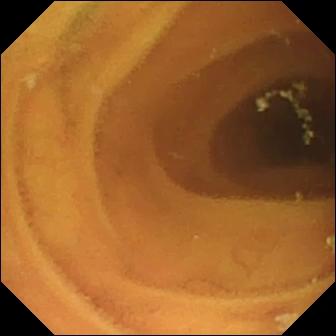{"modality": "VCE", "finding": "normal clean mucosa"}